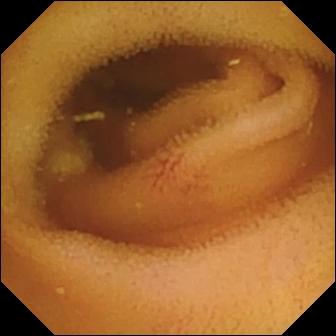Capsule endoscopy still
Impression: angiectasia